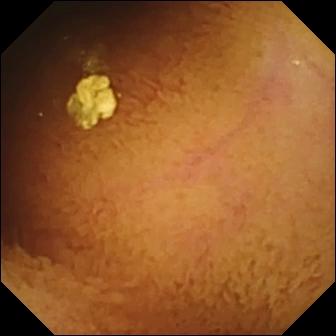PROCEDURE: VCE.
FINDINGS: Normal clean mucosa.